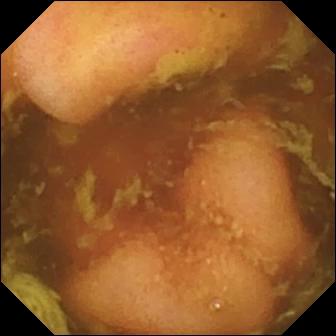Q: Where in the digestive tract was this capsule endoscopy image taken?
A: Ileo-cecal valve region (where the capsule passes from the small bowel into the large bowel).